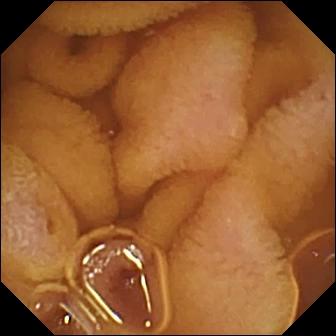- modality: WCE
- segment: small intestine
- observation: normal clean mucosa